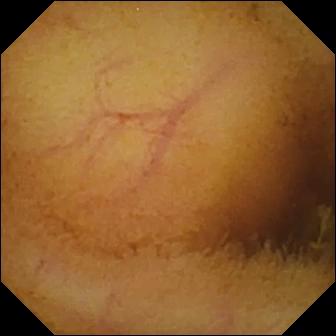{"modality": "VCE", "segment": "small bowel", "finding": "normal clean mucosa"}